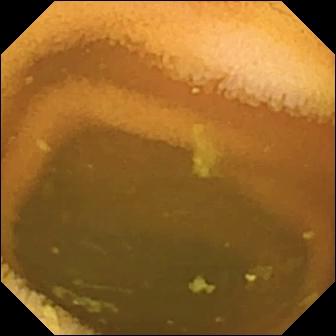Video capsule endoscopy — normal clean mucosa.